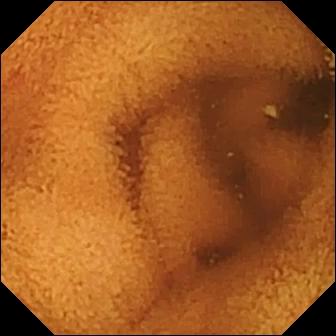PROCEDURE: Capsule endoscopy.
SEGMENT: Small bowel.
FINDINGS: Normal clean mucosa.